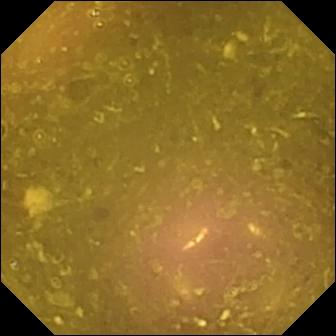Small-bowel capsule endoscopy view, small intestine
Finding: reduced mucosal view (content or bubbles obscuring the mucosa)